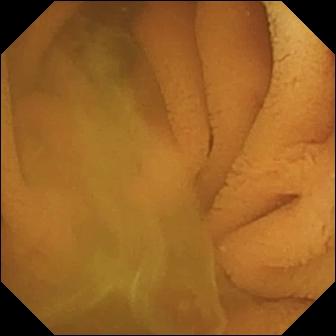WCE — normal clean mucosa.